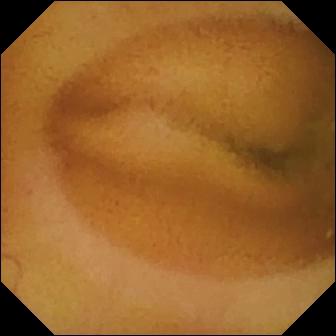Q: What does this small-bowel capsule endoscopy snapshot of the small intestine show?
A: Normal clean mucosa.